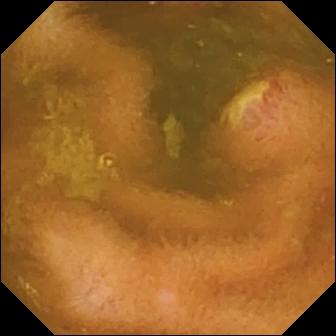Ulcer — wireless capsule endoscopy view.